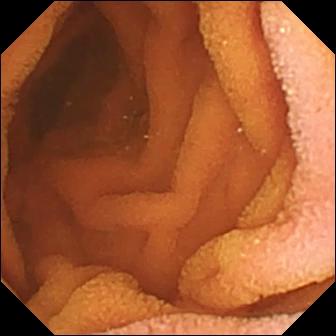- modality: WCE
- label: normal clean mucosa